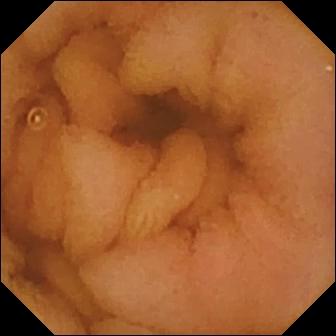VCE view of the small intestine showing normal clean mucosa.